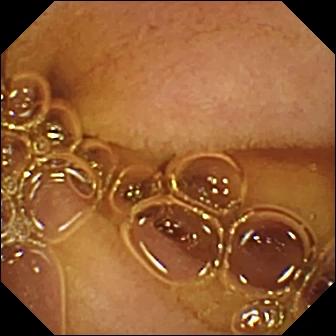Capsule endoscopy frame showing normal clean mucosa.